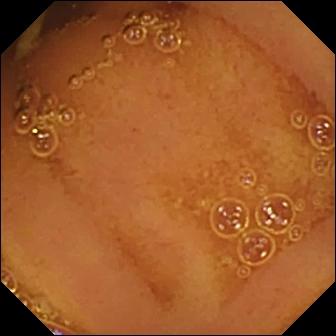Q: What does this WCE snapshot show?
A: Normal clean mucosa.